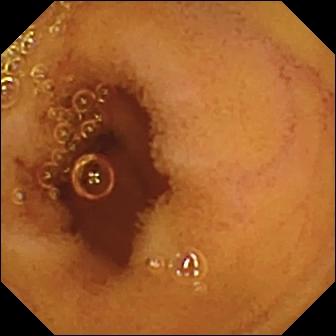Small-bowel capsule endoscopy. Luminal finding. Observation: normal clean mucosa.